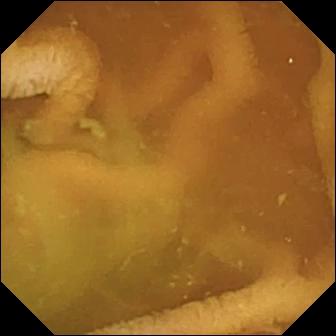Q: What does this VCE still of the small bowel show?
A: Normal clean mucosa.